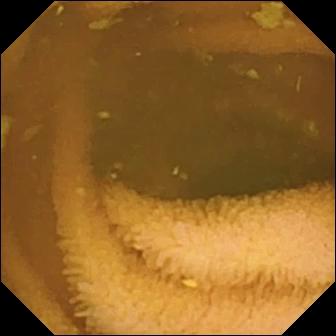Q: What does this VCE view show?
A: Normal clean mucosa.